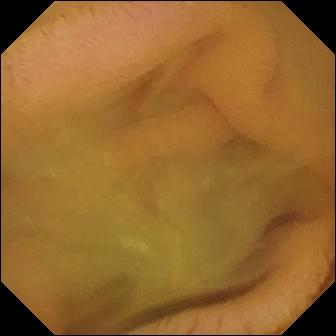WCE frame showing normal clean mucosa.